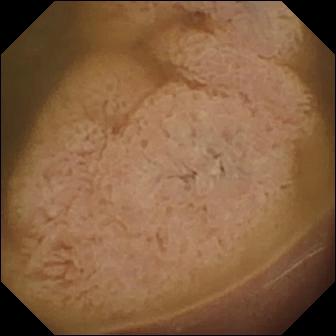modality: VCE | video segment: ileo-cecal valve region